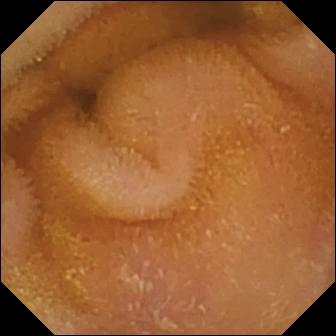Small-bowel capsule endoscopy view, small intestine
Label: normal clean mucosa